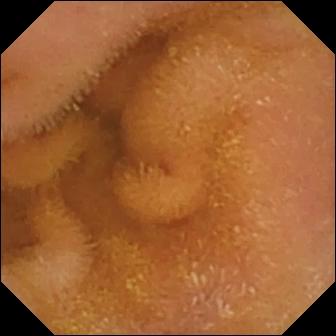- modality: capsule endoscopy
- finding: normal clean mucosa